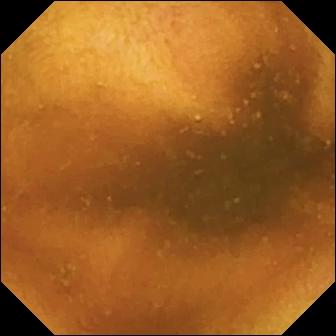This video capsule endoscopy still of the small bowel shows normal clean mucosa.